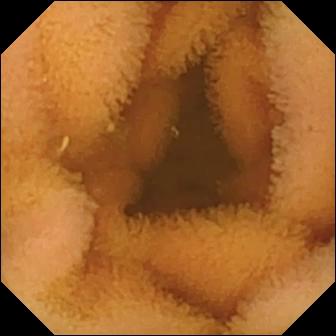Q: What does this video capsule endoscopy still show?
A: Normal clean mucosa.